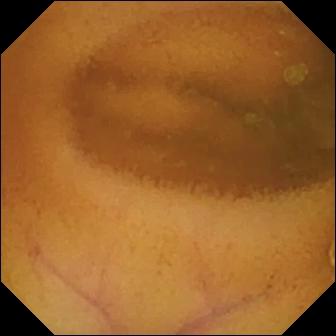WCE view, small intestine
Label: normal clean mucosa